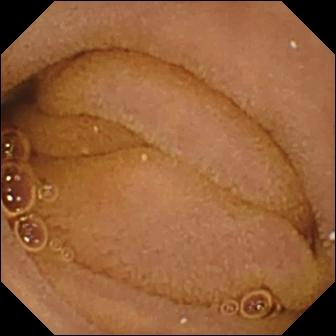Small-bowel capsule endoscopy. Impression: normal clean mucosa.